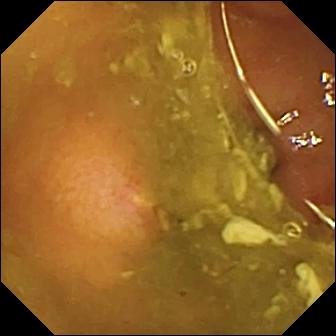{"modality": "video capsule endoscopy", "finding": "ulcer"}